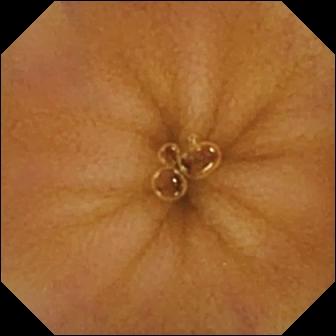VCE image, small bowel
Observation: normal clean mucosa